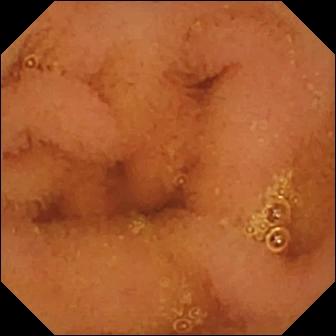PROCEDURE: Wireless capsule endoscopy.
FINDINGS: Normal clean mucosa.